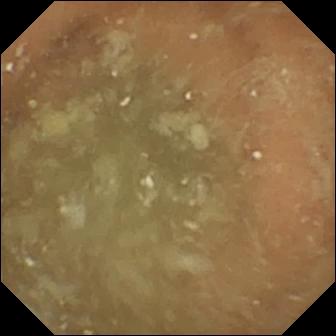Normal clean mucosa — video capsule endoscopy still of the small bowel.